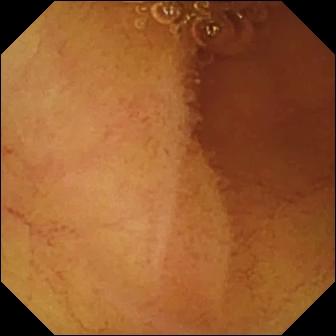VCE image (small bowel). Normal clean mucosa.